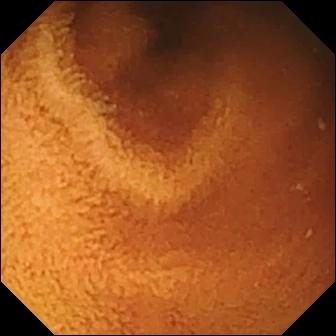Q: What does this WCE frame of the small intestine show?
A: Normal clean mucosa.